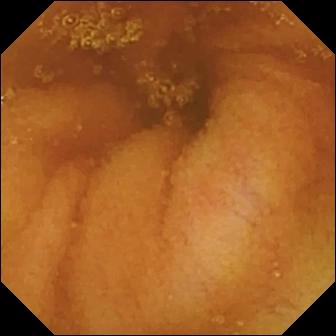Video capsule endoscopy image. Normal clean mucosa.